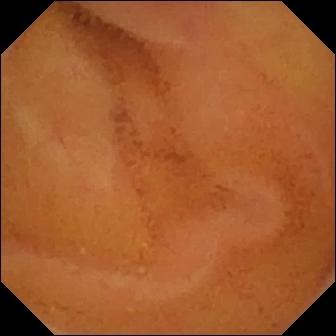This wireless capsule endoscopy snapshot of the small intestine shows normal clean mucosa.